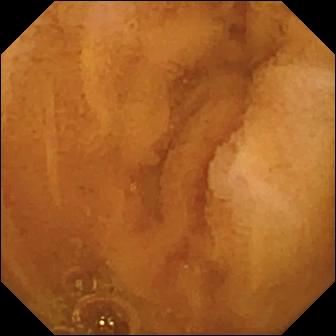Q: What does this WCE image of the small bowel show?
A: Normal clean mucosa.